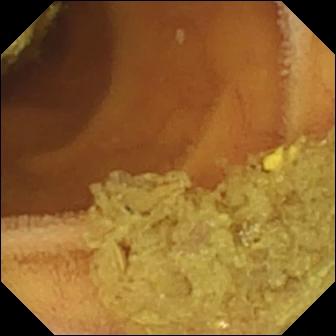Normal clean mucosa.